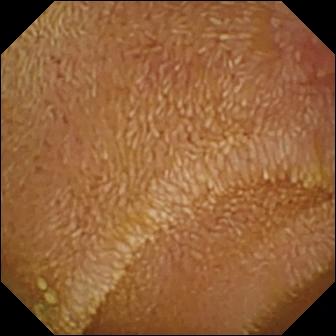WCE. Label: erosion.